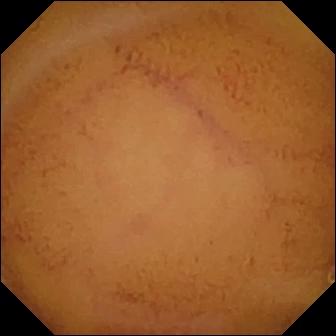modality: wireless capsule endoscopy | segment: small bowel | category: luminal finding | observation: normal clean mucosa